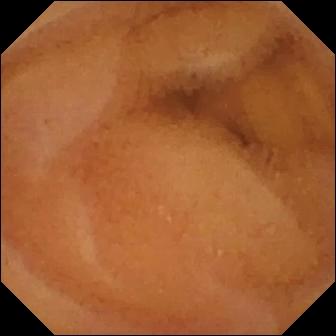Small-bowel capsule endoscopy — normal clean mucosa.